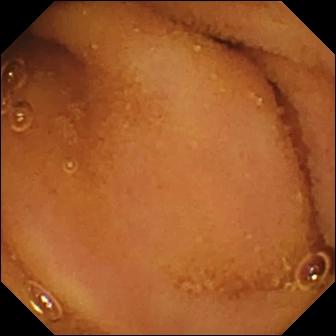VCE image showing normal clean mucosa.